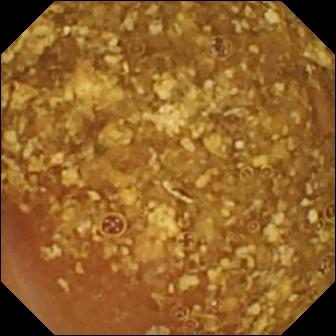- modality: video capsule endoscopy
- observation: reduced mucosal view (content or bubbles obscuring the mucosa)